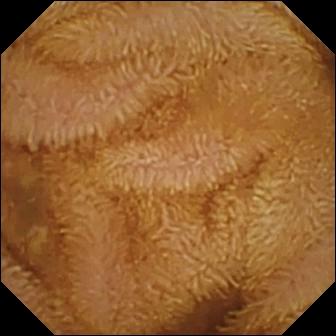modality: VCE
segment: small intestine
finding: normal clean mucosa